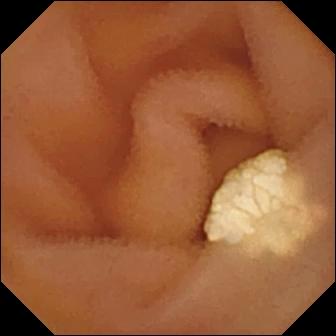PROCEDURE: Capsule endoscopy.
FINDINGS: Lymphangiectasia.